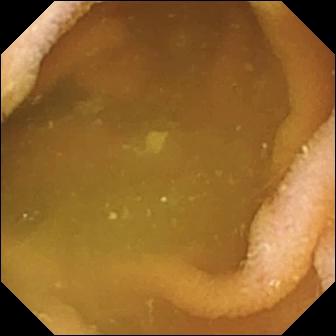Q: What does this wireless capsule endoscopy view of the small intestine show?
A: Normal clean mucosa.